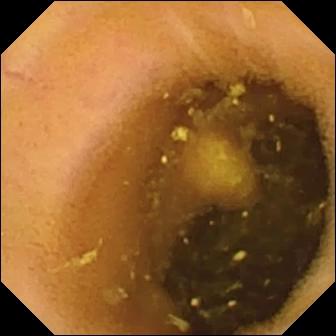Lymphangiectasia.